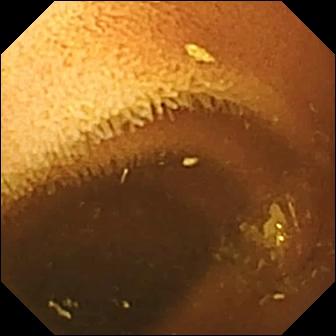Capsule endoscopy — normal clean mucosa.